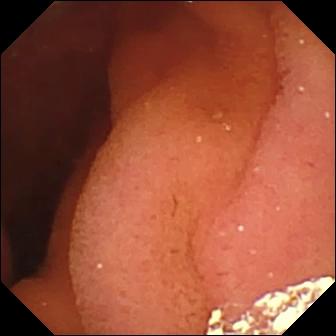Capsule endoscopy. Near an anatomical landmark. Location: pylorus region (the junction between the stomach and the small bowel).